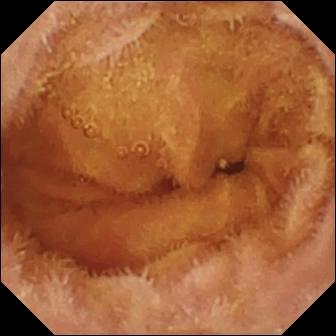Normal clean mucosa — VCE frame.